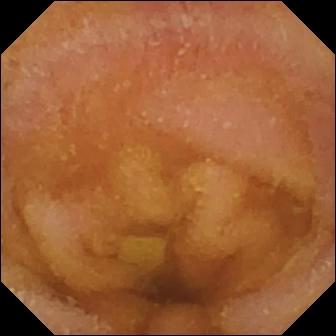- modality: video capsule endoscopy
- segment: small intestine
- category: luminal finding
- impression: normal clean mucosa